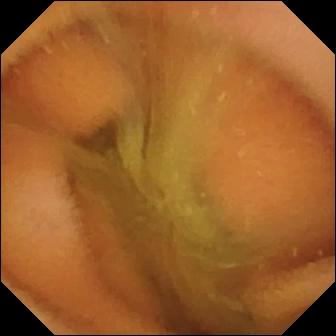Capsule endoscopy snapshot (small intestine), 336×336. Normal clean mucosa.